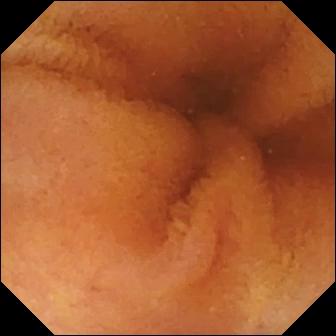Normal clean mucosa — capsule endoscopy still of the small bowel.